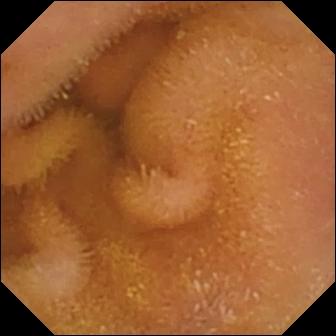Normal clean mucosa.